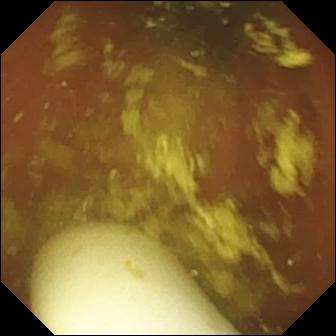This small-bowel capsule endoscopy snapshot shows foreign body (e.g. retained capsule, tablet residue).